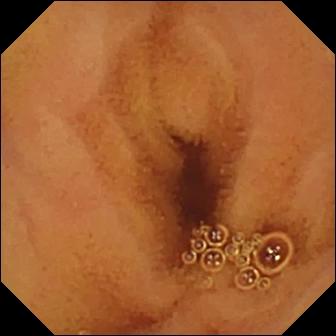Normal clean mucosa.